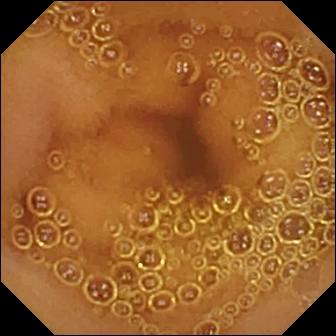modality: small-bowel capsule endoscopy; segment: small intestine; observation: normal clean mucosa